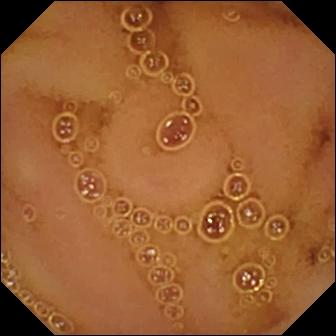Normal clean mucosa.